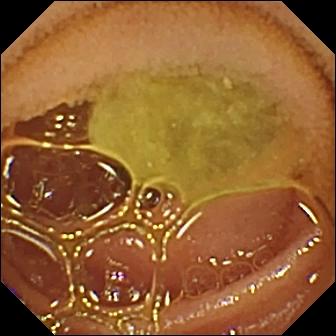- modality: capsule endoscopy
- segment: small intestine
- observation: normal clean mucosa